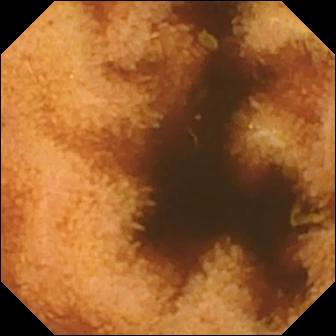Video capsule endoscopy. Small bowel. Impression: normal clean mucosa.